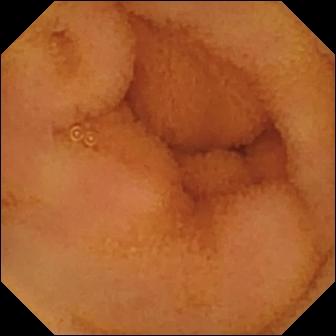WCE — normal clean mucosa.